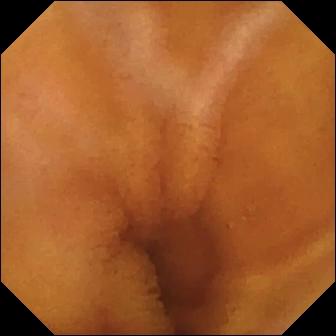Wireless capsule endoscopy — normal clean mucosa.